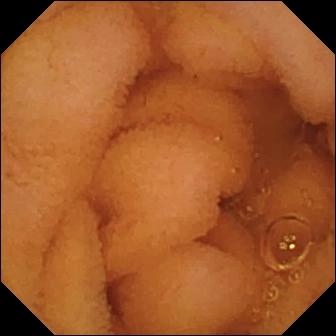{"modality": "WCE", "segment": "small intestine", "finding": "normal clean mucosa"}